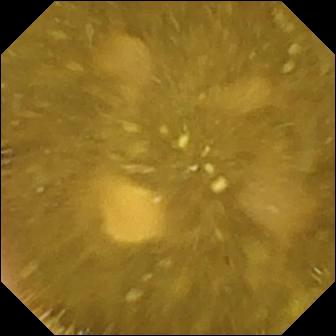PROCEDURE: Small-bowel capsule endoscopy.
POSITION: Ileo-cecal valve region (the transition from the small bowel to the large bowel).